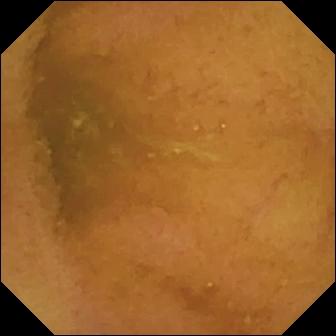Normal clean mucosa — small-bowel capsule endoscopy frame.